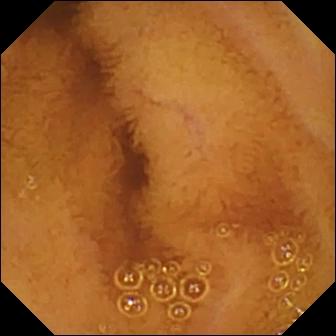Wireless capsule endoscopy — normal clean mucosa.